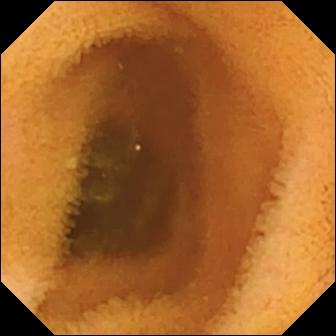Small-bowel capsule endoscopy snapshot of the small intestine showing normal clean mucosa.